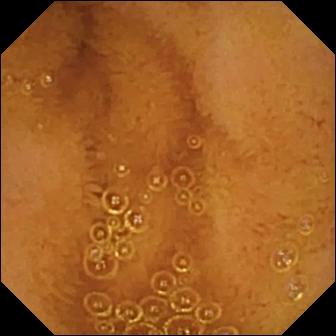PROCEDURE: VCE.
FINDINGS: Normal clean mucosa.